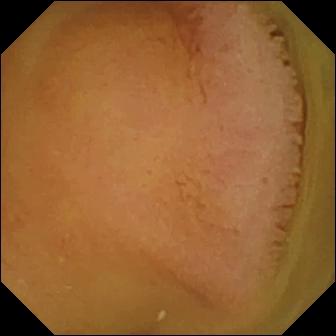PROCEDURE: Wireless capsule endoscopy.
SEGMENT: Small intestine.
FINDINGS: Normal clean mucosa.